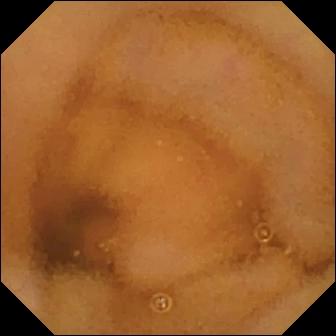- modality: wireless capsule endoscopy
- label: normal clean mucosa